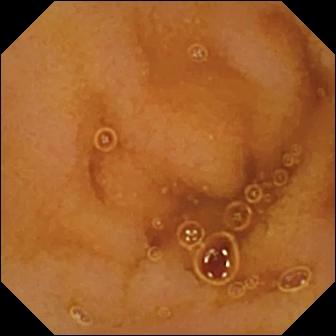Small-bowel capsule endoscopy — normal clean mucosa.